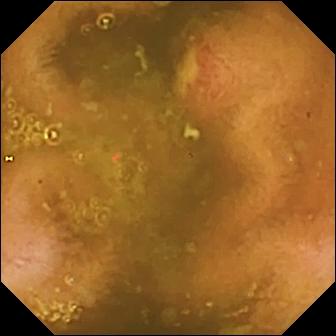modality: WCE | category: luminal finding | impression: ulcer